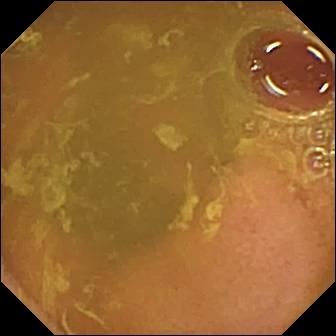This WCE image shows normal clean mucosa.